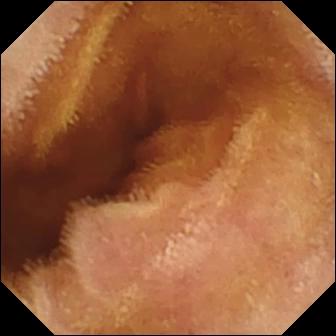modality: WCE
category: luminal finding
observation: normal clean mucosa